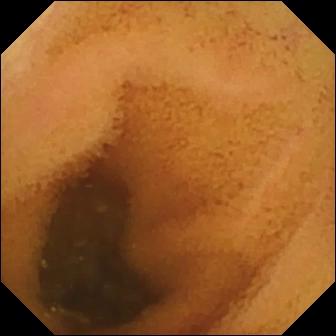PROCEDURE: VCE.
SEGMENT: Small bowel.
FINDINGS: Normal clean mucosa.